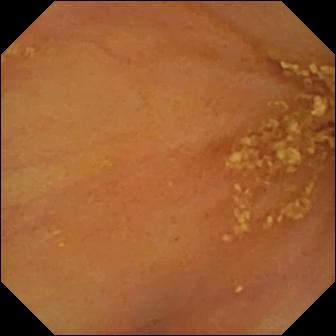- modality: small-bowel capsule endoscopy
- label: ileo-cecal valve region